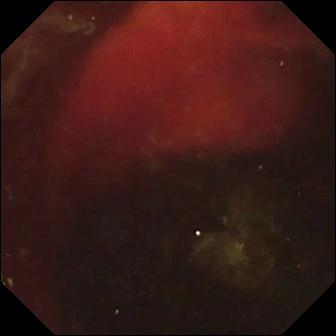modality: WCE
observation: fresh blood in the lumen